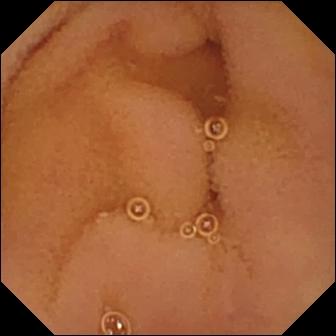Normal clean mucosa — VCE image.